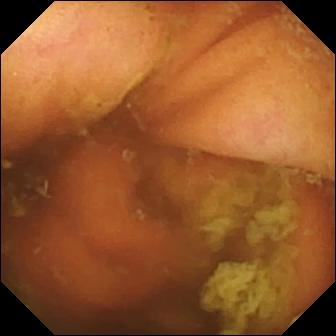Wireless capsule endoscopy snapshot
Location: ileo-cecal valve region (where the capsule passes from the small bowel into the large bowel)